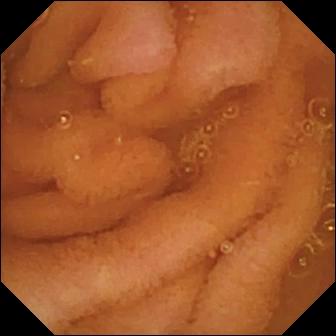VCE view
Observation: normal clean mucosa